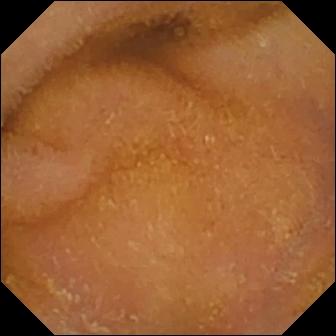WCE snapshot showing normal clean mucosa.